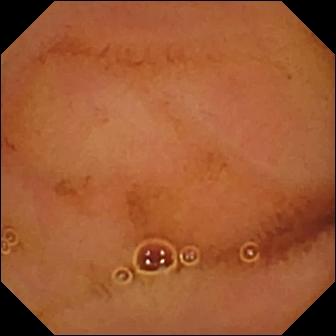This video capsule endoscopy view shows normal clean mucosa.